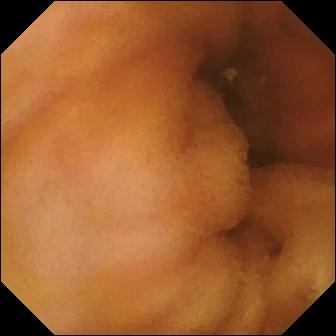Small-bowel capsule endoscopy snapshot. Normal clean mucosa.